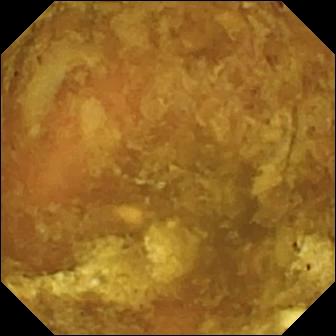VCE frame (small bowel), 336×336. Reduced mucosal view (content or bubbles obscuring the mucosa).